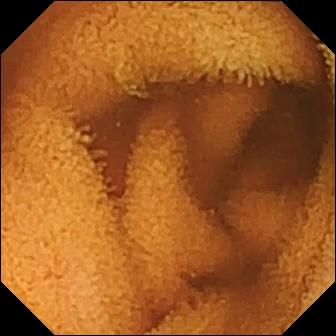Video capsule endoscopy image (small bowel). Normal clean mucosa.